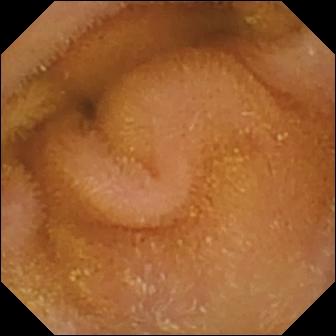Q: What does this WCE still of the small bowel show?
A: Normal clean mucosa.